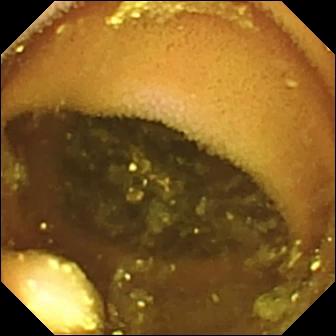Q: What does this VCE image show?
A: Lymphangiectasia.